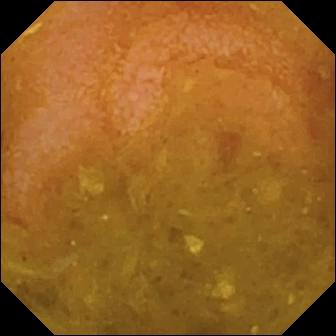- modality: VCE
- segment: small intestine
- category: luminal finding
- finding: reduced mucosal view (content or bubbles obscuring the mucosa)